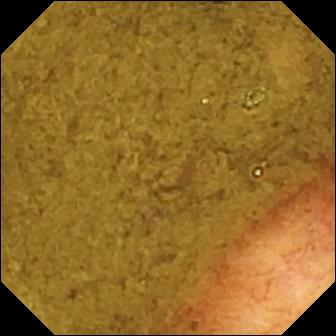Capsule endoscopy. Near an anatomical landmark. Position: ileo-cecal valve region (where the capsule passes from the small bowel into the large bowel).